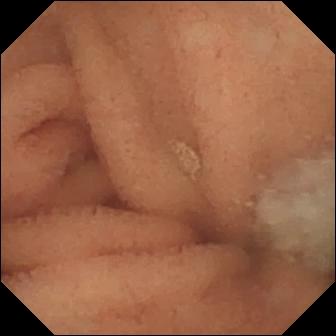Capsule endoscopy — normal clean mucosa.